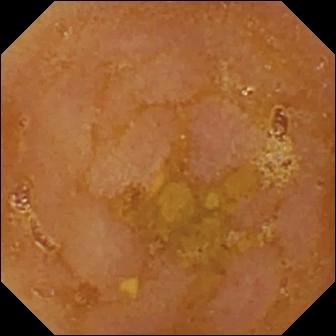Capsule endoscopy frame showing reduced mucosal view (content or bubbles obscuring the mucosa).